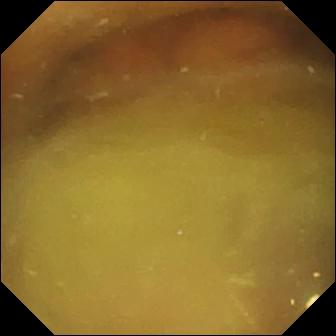WCE still, 336×336. Normal clean mucosa.